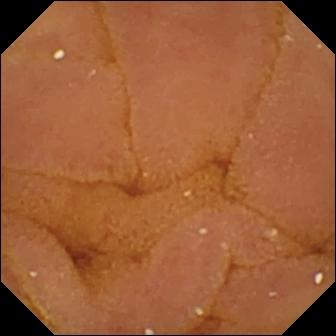Normal clean mucosa — WCE image.